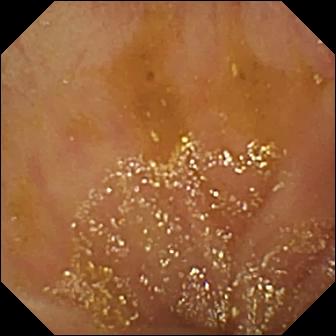Wireless capsule endoscopy — ileo-cecal valve region.